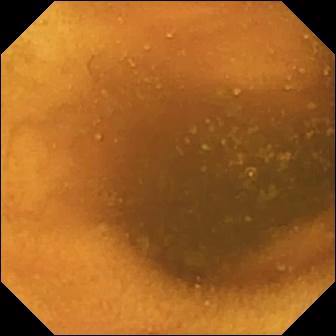Normal clean mucosa (336×336).